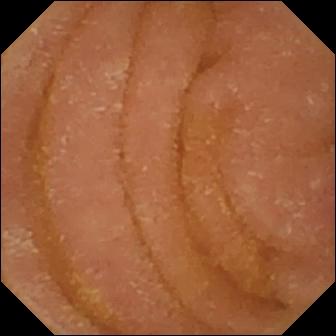Small-bowel capsule endoscopy snapshot showing normal clean mucosa.